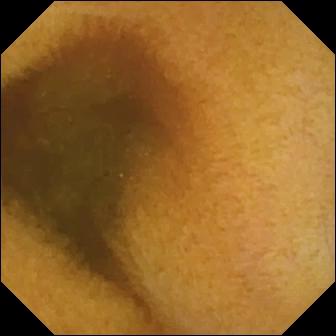modality: small-bowel capsule endoscopy
segment: small bowel
impression: normal clean mucosa